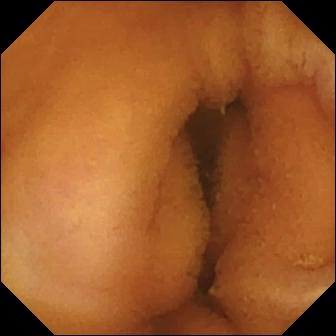- modality: video capsule endoscopy
- observation: normal clean mucosa